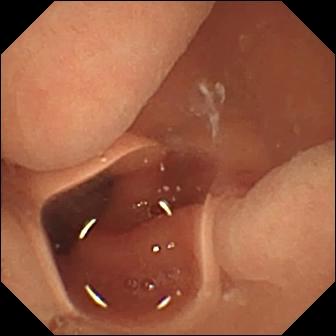Normal clean mucosa.